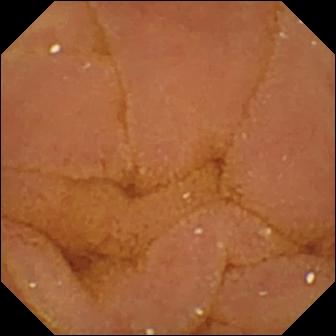Q: What does this video capsule endoscopy still show?
A: Normal clean mucosa.